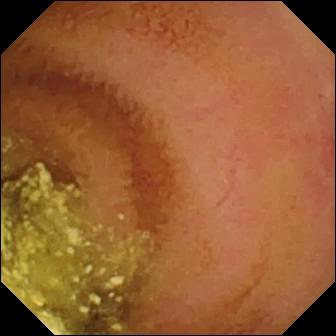WCE snapshot, small bowel
Finding: normal clean mucosa